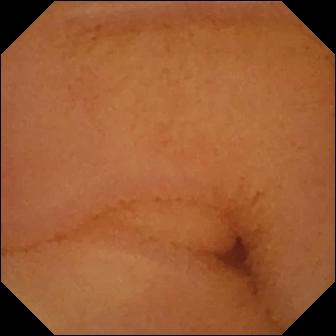Normal clean mucosa.